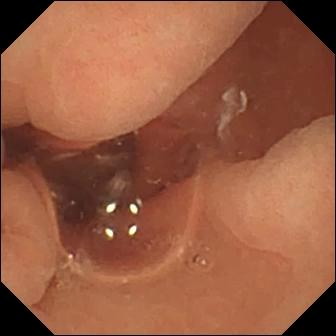Q: What does this wireless capsule endoscopy frame show?
A: Normal clean mucosa.